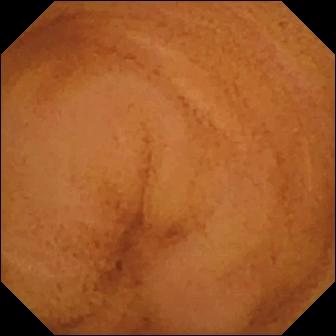Normal clean mucosa.